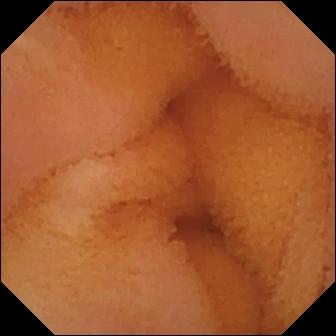Normal clean mucosa.